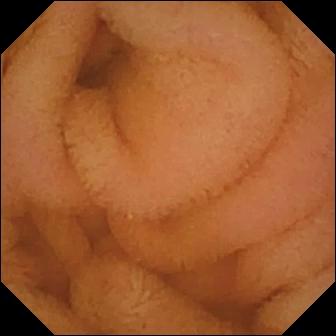Capsule endoscopy — normal clean mucosa.